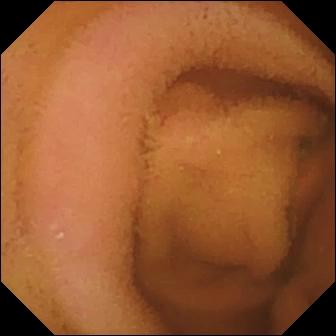Small-bowel capsule endoscopy snapshot, small bowel
Observation: normal clean mucosa